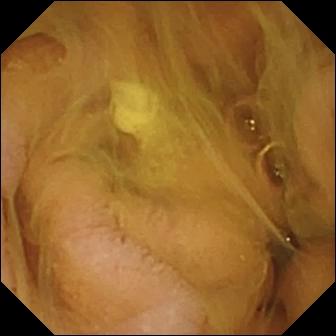Wireless capsule endoscopy snapshot of the small bowel showing normal clean mucosa.